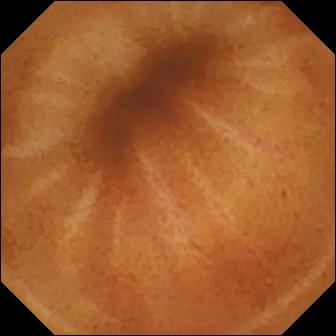Q: What does this small-bowel capsule endoscopy still show?
A: Normal clean mucosa.